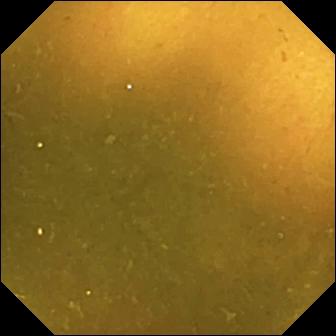{"modality": "video capsule endoscopy", "label": "ileo-cecal valve region (where the capsule passes from the small bowel into the large bowel)"}